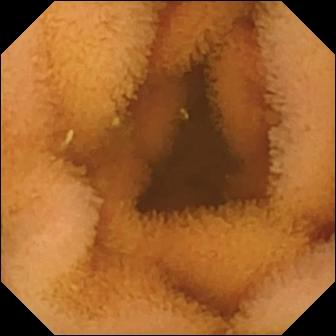Wireless capsule endoscopy. Finding: normal clean mucosa.